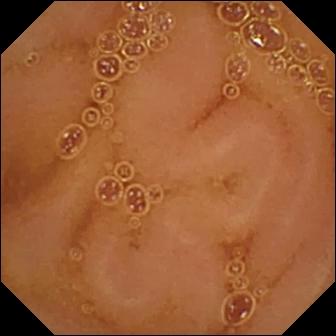Wireless capsule endoscopy view (small bowel). Normal clean mucosa.